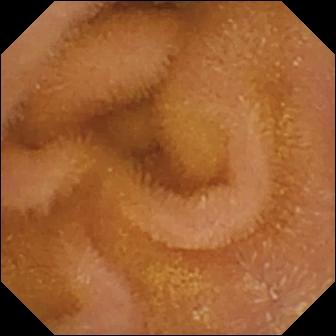PROCEDURE: WCE.
FINDINGS: Normal clean mucosa.